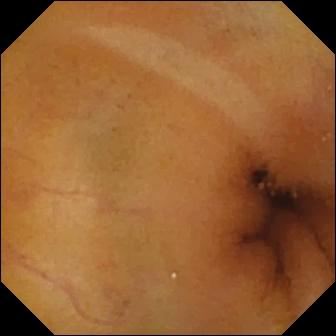Wireless capsule endoscopy still. Normal clean mucosa.